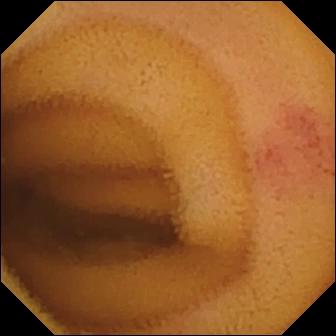- modality: capsule endoscopy
- observation: angiectasia